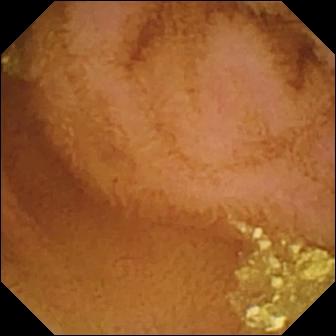This small-bowel capsule endoscopy frame of the small intestine shows normal clean mucosa.